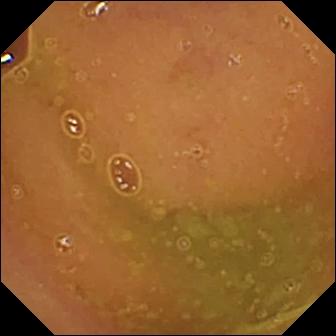Video capsule endoscopy snapshot
Impression: normal clean mucosa